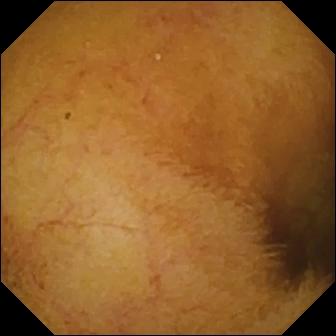Video capsule endoscopy snapshot showing normal clean mucosa.